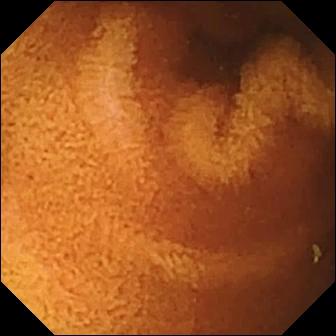VCE — normal clean mucosa.